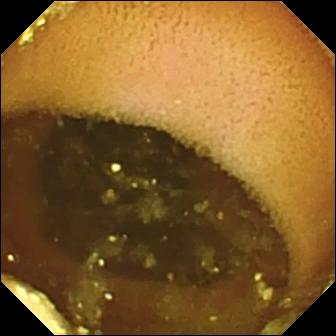Lymphangiectasia — video capsule endoscopy still.